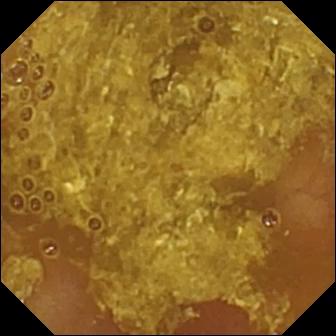- modality: small-bowel capsule endoscopy
- segment: small intestine
- category: luminal finding
- finding: reduced mucosal view (content or bubbles obscuring the mucosa)